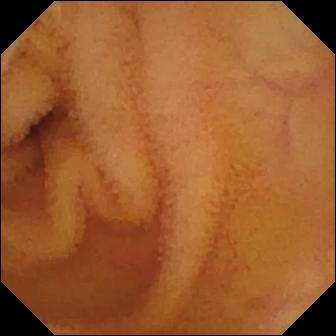Small-bowel capsule endoscopy — normal clean mucosa.